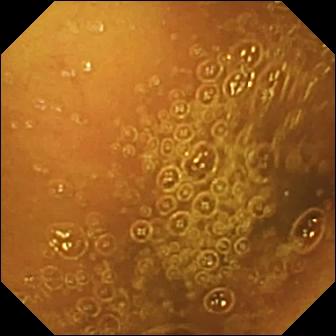VCE still (small intestine), 336×336. Normal clean mucosa.